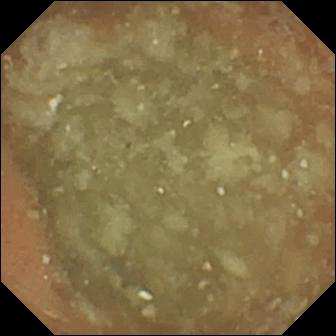PROCEDURE: Small-bowel capsule endoscopy.
FINDINGS: Normal clean mucosa.